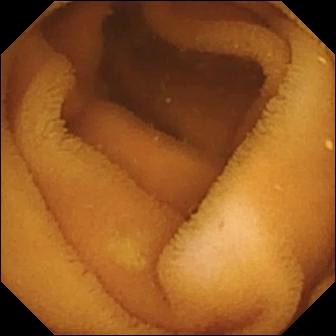Video capsule endoscopy — normal clean mucosa.